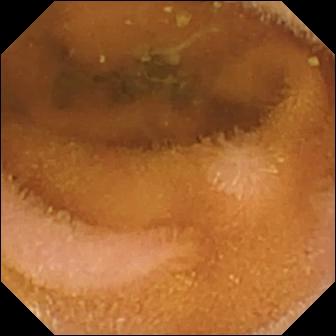Q: What does this WCE snapshot show?
A: Normal clean mucosa.